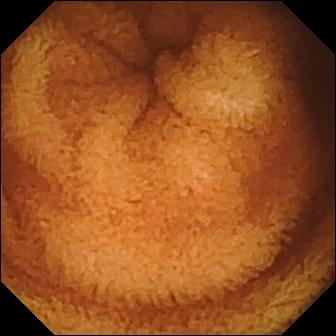Video capsule endoscopy image of the small bowel showing normal clean mucosa.